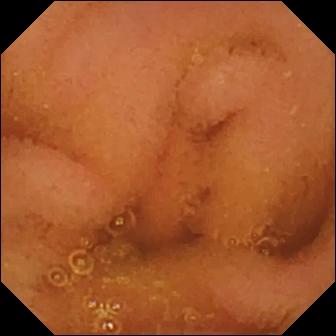This VCE view of the small intestine shows normal clean mucosa.